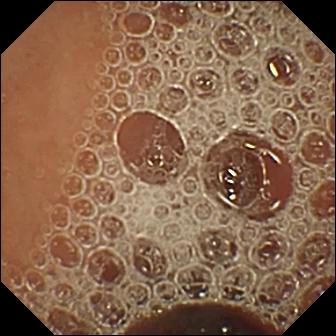VCE still. Normal clean mucosa.